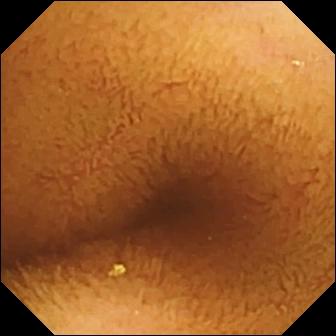This VCE image of the small bowel shows normal clean mucosa.